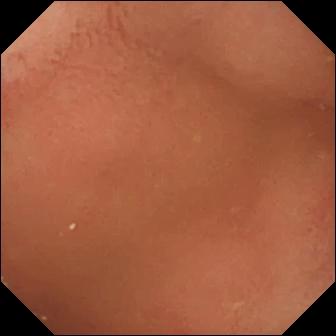This small-bowel capsule endoscopy still was taken in the pylorus region (where the capsule passes from the stomach into the small bowel).